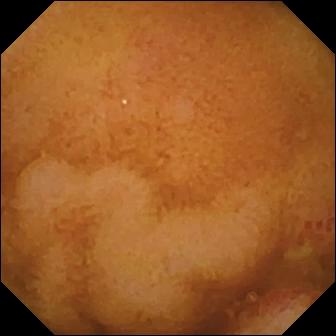Video capsule endoscopy frame
Finding: erosion